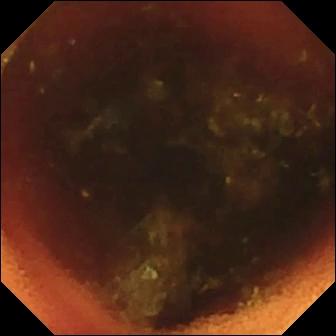Wireless capsule endoscopy image, 336×336. Taken in the ileo-cecal valve region (the transition from the small bowel to the large bowel).